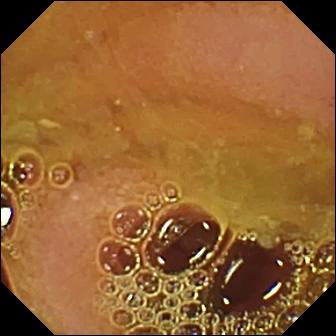Small-bowel capsule endoscopy. Small intestine. Impression: normal clean mucosa.